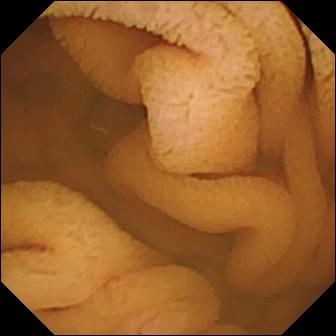PROCEDURE: Wireless capsule endoscopy.
SEGMENT: Small bowel.
FINDINGS: Normal clean mucosa.